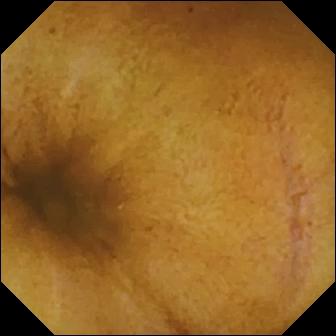This WCE view of the small intestine shows normal clean mucosa.